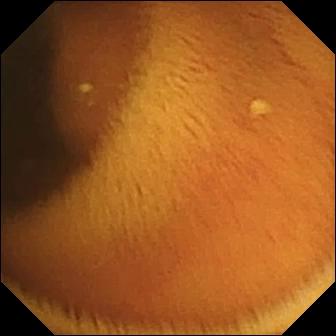VCE still
Observation: normal clean mucosa